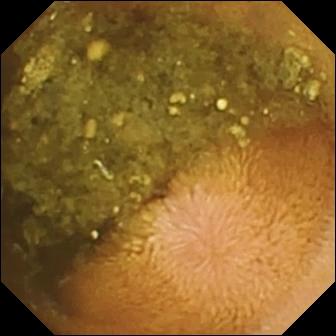VCE frame of the small bowel showing reduced mucosal view (content or bubbles obscuring the mucosa).